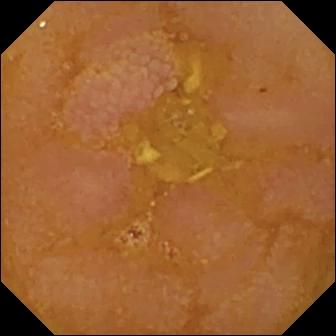- modality: video capsule endoscopy
- segment: small bowel
- label: reduced mucosal view (content or bubbles obscuring the mucosa)